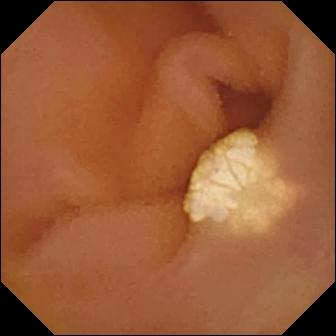Small-bowel capsule endoscopy — lymphangiectasia.